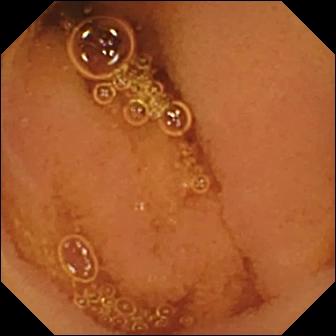Small-bowel capsule endoscopy still of the small intestine showing normal clean mucosa.